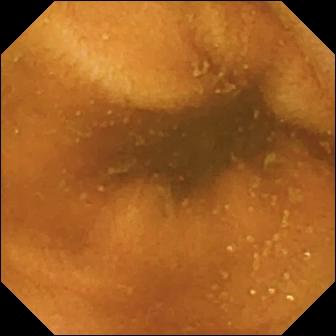modality: small-bowel capsule endoscopy | category: luminal finding | observation: normal clean mucosa